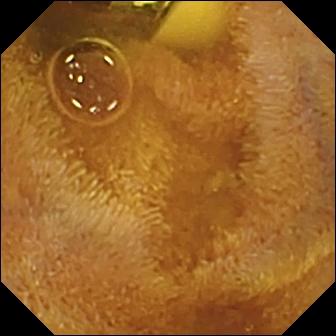Wireless capsule endoscopy view showing foreign body (e.g. retained capsule, tablet residue).